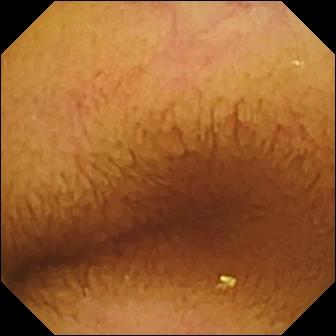Normal clean mucosa.